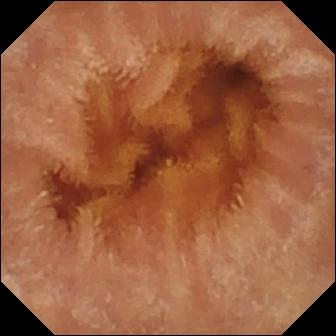- modality: capsule endoscopy
- observation: normal clean mucosa